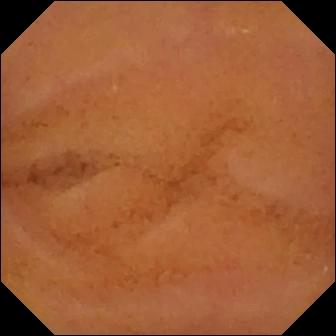Q: What does this WCE image of the small bowel show?
A: Normal clean mucosa.